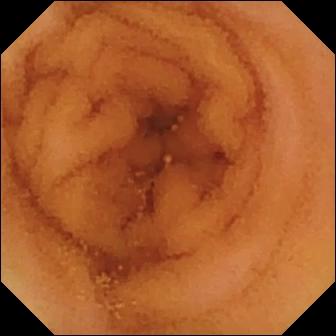This video capsule endoscopy snapshot of the small intestine shows normal clean mucosa.